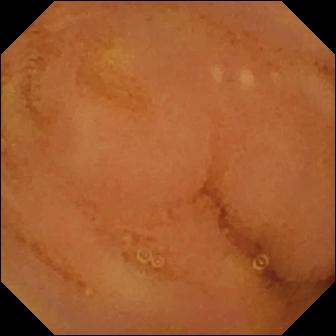- modality: capsule endoscopy
- category: luminal finding
- observation: normal clean mucosa